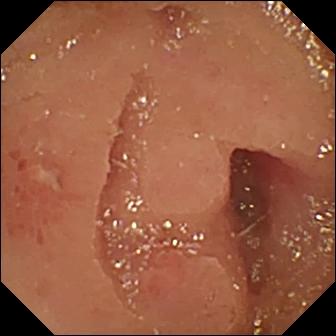Q: What does this capsule endoscopy view show?
A: Erosion.